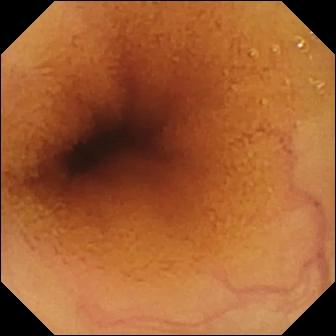Capsule endoscopy view, small intestine
Impression: normal clean mucosa